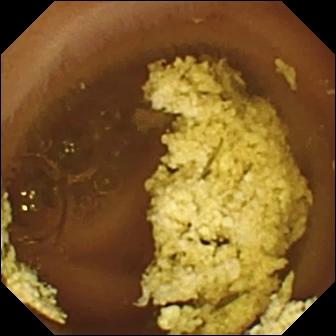Wireless capsule endoscopy view (small bowel). Normal clean mucosa.